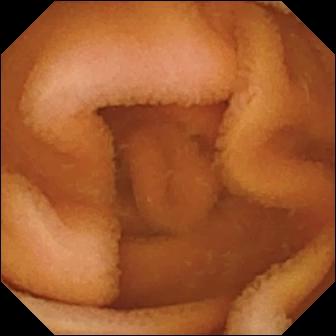Normal clean mucosa.